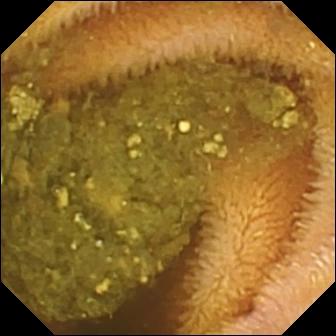- modality: wireless capsule endoscopy
- impression: reduced mucosal view (content or bubbles obscuring the mucosa)